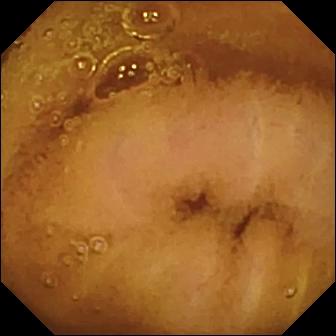Capsule endoscopy view of the small bowel showing normal clean mucosa.